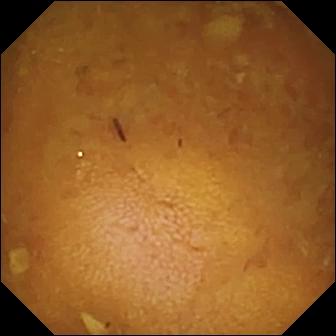- modality: VCE
- segment: small bowel
- impression: reduced mucosal view (content or bubbles obscuring the mucosa)